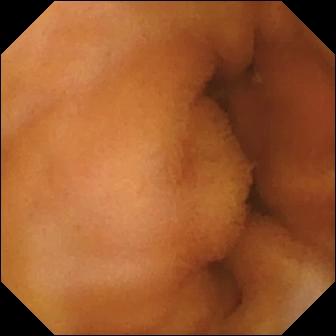Video capsule endoscopy image
Finding: normal clean mucosa